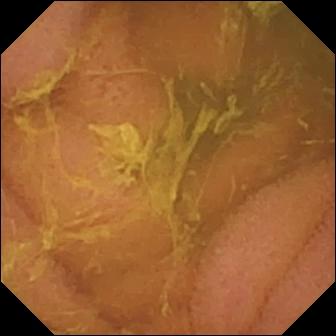PROCEDURE: Wireless capsule endoscopy.
SEGMENT: Small intestine.
FINDINGS: Normal clean mucosa.